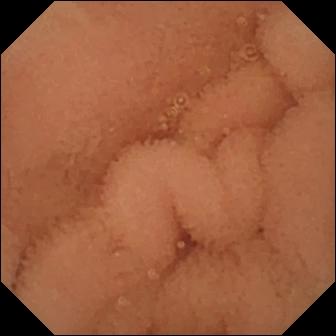Capsule endoscopy — normal clean mucosa.